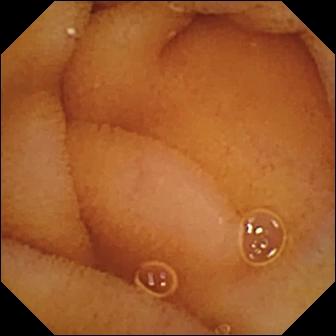Wireless capsule endoscopy. Small bowel. Luminal finding. Observation: normal clean mucosa.